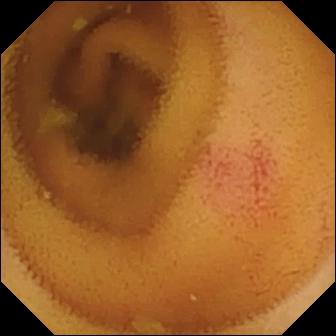This small-bowel capsule endoscopy view shows angiectasia.